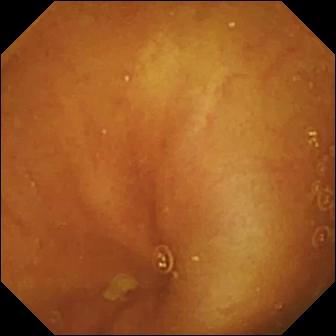VCE. Position: ileo-cecal valve region (the transition from the small bowel to the large bowel).